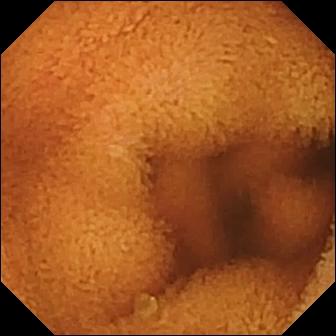This WCE snapshot shows normal clean mucosa.